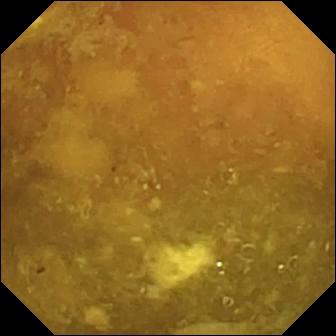Reduced mucosal view (content or bubbles obscuring the mucosa) — capsule endoscopy view.